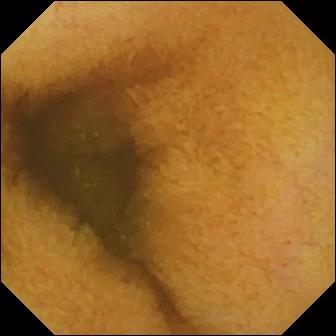Small-bowel capsule endoscopy view, small bowel
Finding: normal clean mucosa